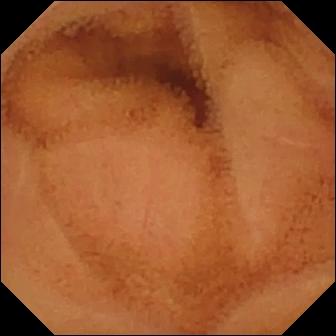Wireless capsule endoscopy — normal clean mucosa.